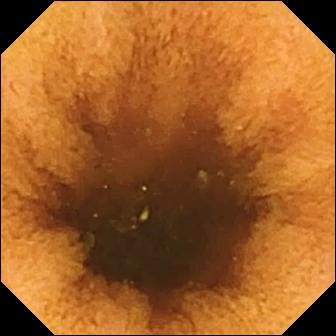WCE. Luminal finding. Impression: normal clean mucosa.